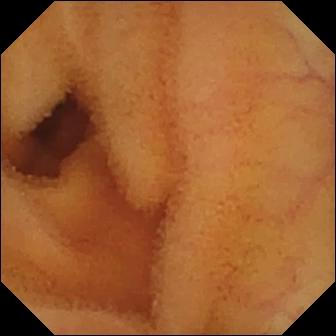Q: What does this WCE frame of the small intestine show?
A: Normal clean mucosa.